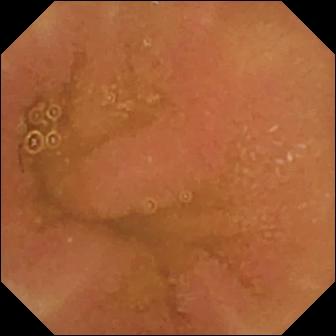Q: What does this video capsule endoscopy still of the small intestine show?
A: Normal clean mucosa.